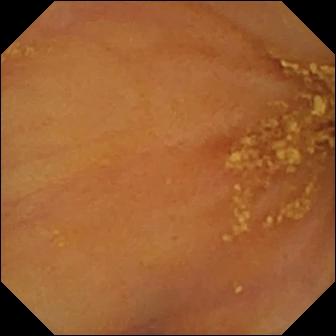{"modality": "small-bowel capsule endoscopy", "location": "ileo-cecal valve region (the transition from the small bowel to the large bowel)"}